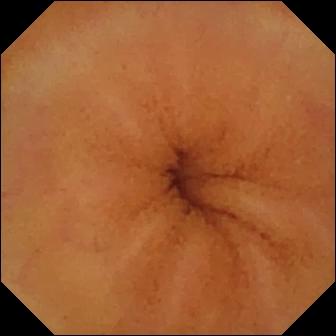Normal clean mucosa — WCE view.